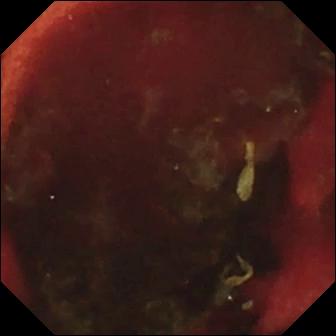- modality: video capsule endoscopy
- label: fresh blood in the lumen